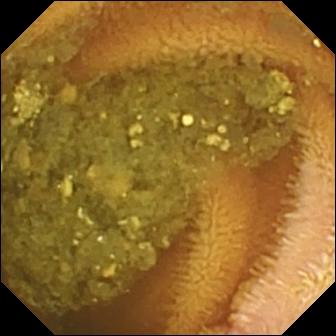Capsule endoscopy still showing reduced mucosal view (content or bubbles obscuring the mucosa).